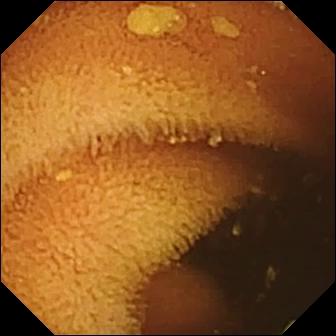WCE still, small intestine
Impression: normal clean mucosa